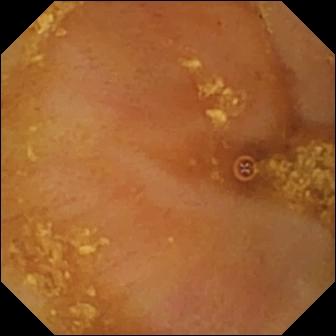Capsule endoscopy still taken in the ileo-cecal valve region (the transition from the small bowel to the large bowel).